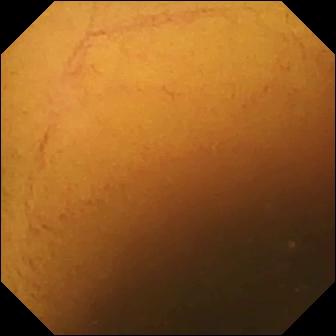- modality: WCE
- segment: small bowel
- category: luminal finding
- impression: normal clean mucosa